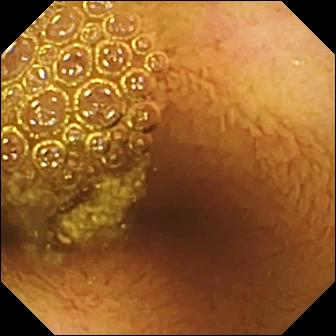Q: What does this wireless capsule endoscopy still show?
A: Normal clean mucosa.